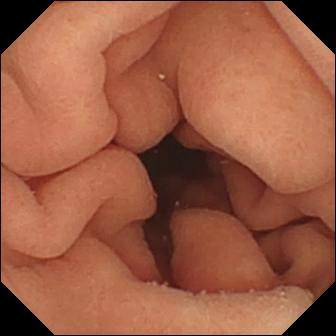- modality: VCE
- category: anatomical landmark
- video segment: pylorus region (where the capsule passes from the stomach into the small bowel)